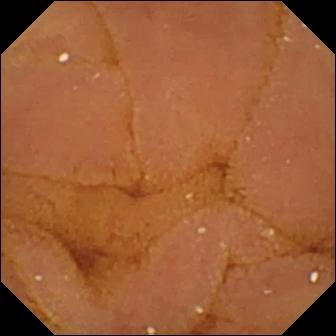WCE snapshot showing normal clean mucosa.